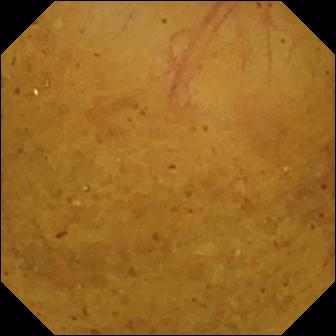Small-bowel capsule endoscopy view. Taken in the ileo-cecal valve region (where the capsule passes from the small bowel into the large bowel).